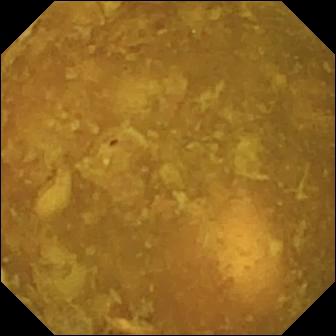VCE image. Reduced mucosal view (content or bubbles obscuring the mucosa).